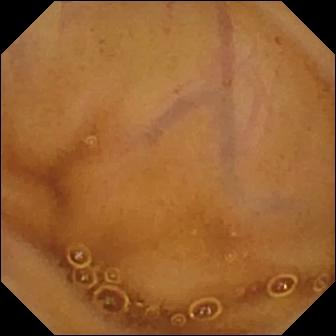Wireless capsule endoscopy frame, 336×336. Normal clean mucosa.